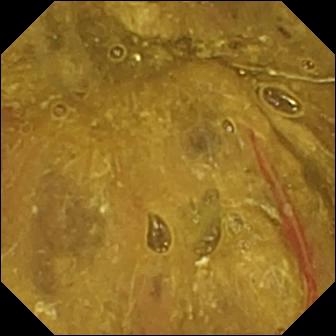- modality: video capsule endoscopy
- label: ileo-cecal valve region